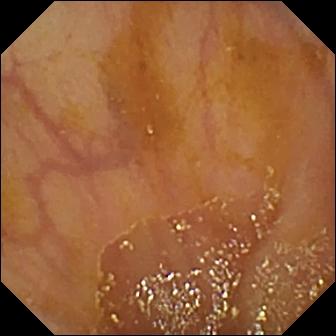{"modality": "wireless capsule endoscopy", "category": "anatomical landmark", "position": "ileo-cecal valve region (where the capsule passes from the small bowel into the large bowel)"}